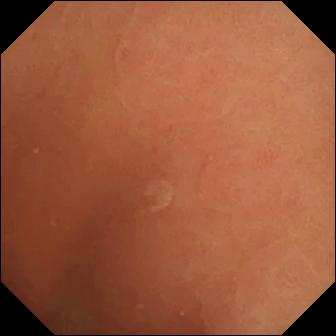Q: What does this wireless capsule endoscopy snapshot show?
A: Normal clean mucosa.